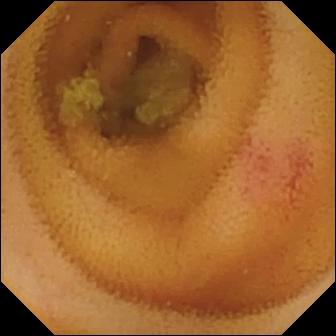{"modality": "video capsule endoscopy", "finding": "angiectasia"}